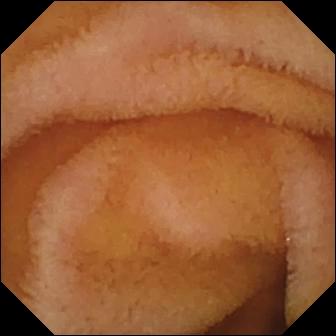This capsule endoscopy still shows normal clean mucosa.